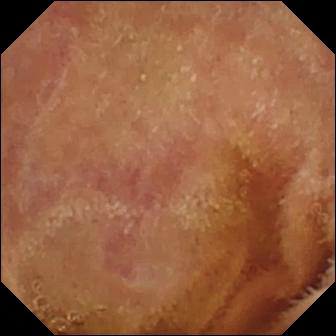modality: wireless capsule endoscopy; impression: normal clean mucosa